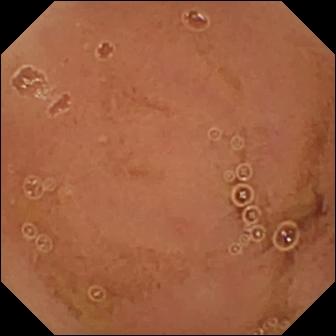Small-bowel capsule endoscopy view showing normal clean mucosa.